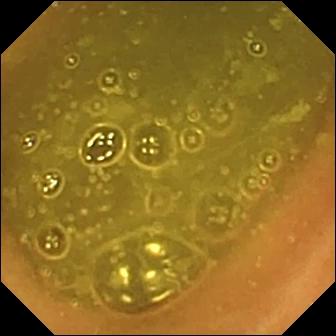Wireless capsule endoscopy — ileo-cecal valve region (the transition from the small bowel to the large bowel).